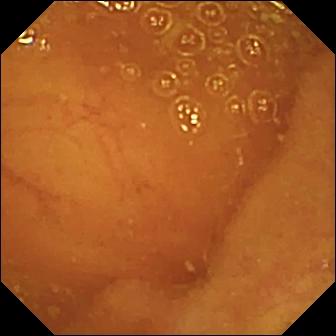Ileo-cecal valve region (where the capsule passes from the small bowel into the large bowel) — WCE frame.